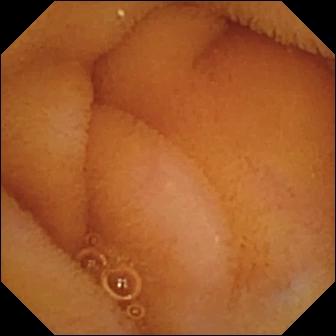{"modality": "small-bowel capsule endoscopy", "finding": "normal clean mucosa"}